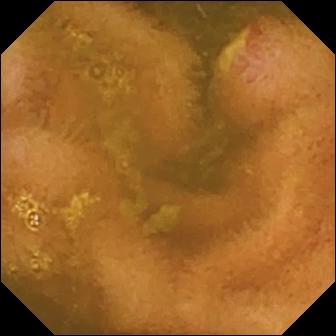PROCEDURE: Wireless capsule endoscopy.
FINDINGS: Ulcer.